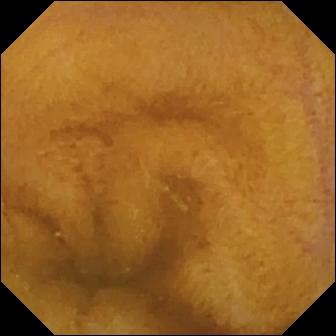Capsule endoscopy view of the small intestine showing normal clean mucosa.